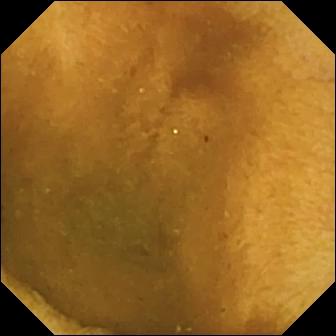{"modality": "small-bowel capsule endoscopy", "segment": "small intestine", "category": "luminal finding", "finding": "normal clean mucosa"}